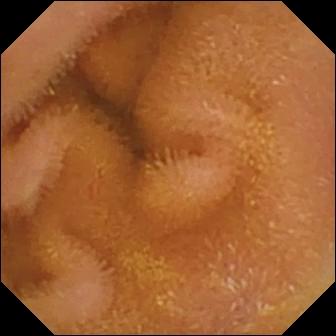Q: What does this WCE still of the small bowel show?
A: Normal clean mucosa.